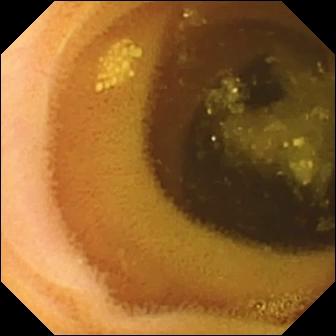VCE snapshot. Lymphangiectasia.